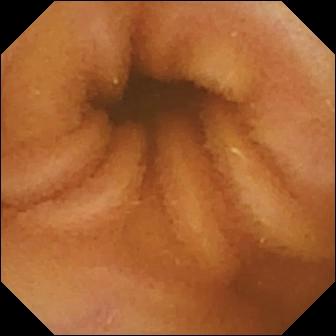Wireless capsule endoscopy still, small bowel
Label: normal clean mucosa